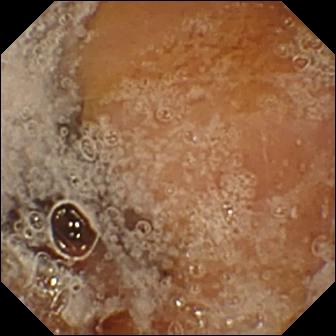Pylorus region.